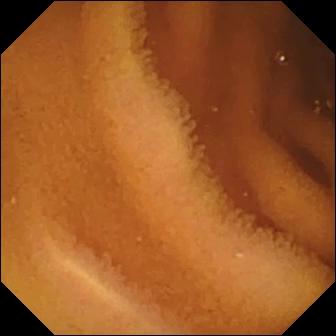Wireless capsule endoscopy. Small bowel. Luminal finding. Finding: normal clean mucosa.